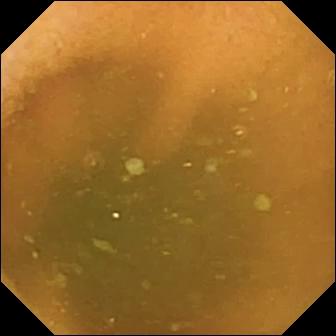Video capsule endoscopy snapshot (small intestine). Normal clean mucosa.